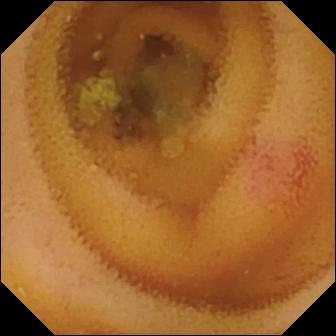Angiectasia.